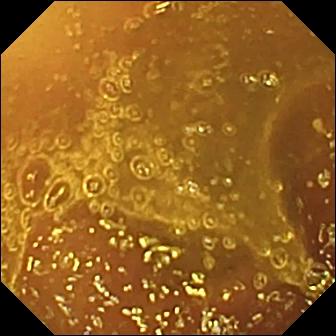Normal clean mucosa.